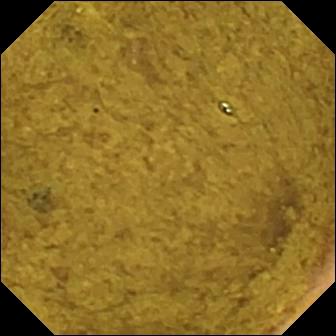PROCEDURE: Capsule endoscopy.
POSITION: Ileo-cecal valve region.